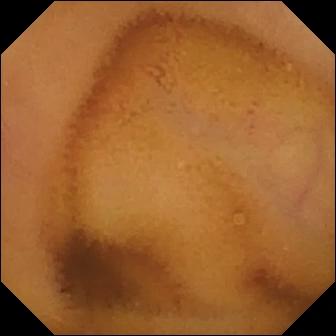Video capsule endoscopy still
Impression: normal clean mucosa